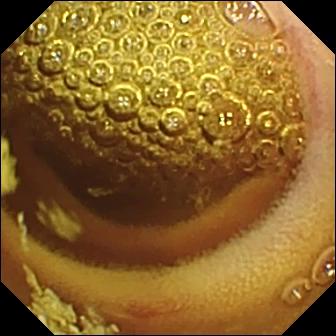modality: VCE | category: luminal finding | label: erosion